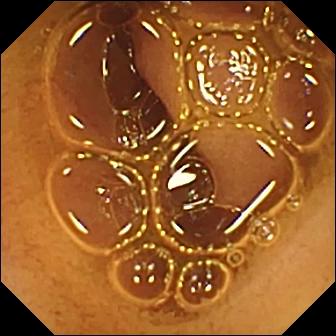PROCEDURE: Wireless capsule endoscopy.
SEGMENT: Small bowel.
FINDINGS: Normal clean mucosa.